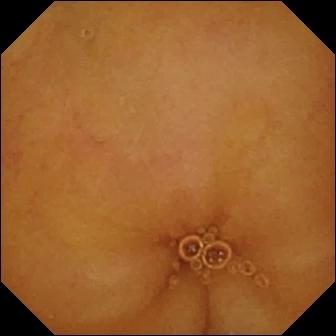modality: video capsule endoscopy; finding: normal clean mucosa